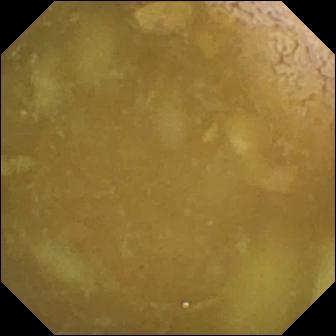WCE. Label: ileo-cecal valve region (where the capsule passes from the small bowel into the large bowel).